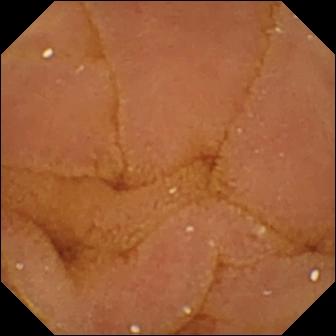PROCEDURE: Video capsule endoscopy.
FINDINGS: Normal clean mucosa.